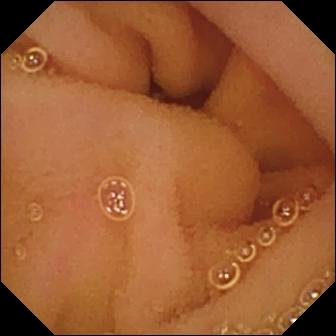This video capsule endoscopy still of the small bowel shows normal clean mucosa.